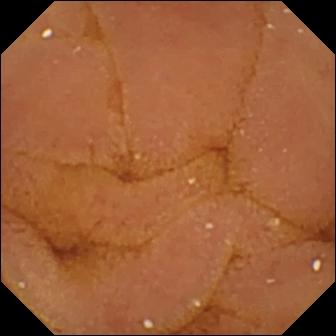Capsule endoscopy view. Normal clean mucosa.